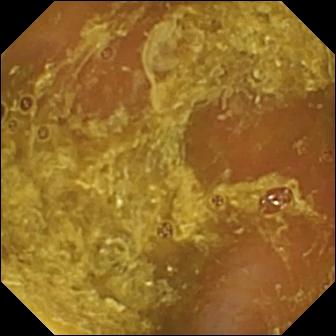- modality: WCE
- segment: small bowel
- label: reduced mucosal view (content or bubbles obscuring the mucosa)